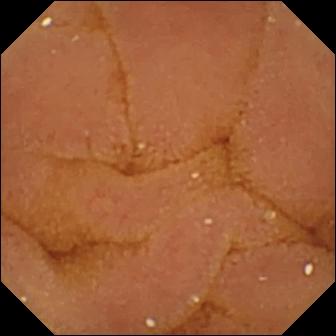{"modality": "wireless capsule endoscopy", "segment": "small intestine", "finding": "normal clean mucosa"}